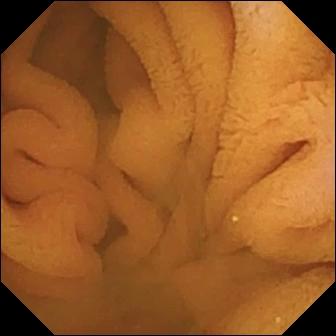Q: What does this VCE snapshot show?
A: Normal clean mucosa.